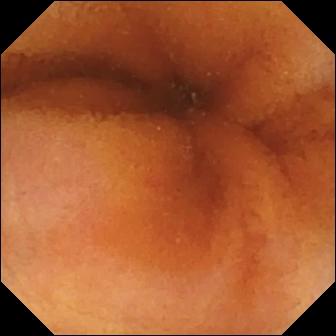WCE still of the small bowel showing normal clean mucosa.